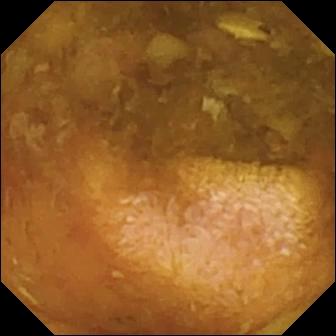Reduced mucosal view (content or bubbles obscuring the mucosa) — small-bowel capsule endoscopy view.